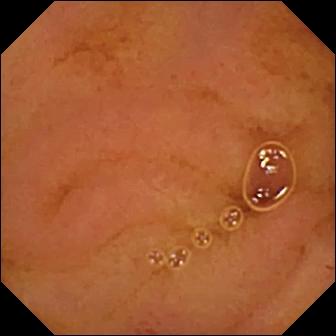Normal clean mucosa.